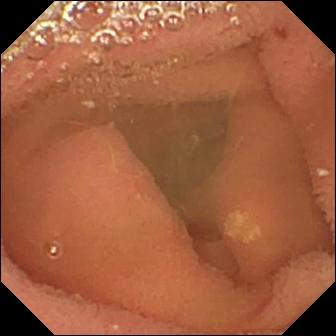This small-bowel capsule endoscopy snapshot shows lymphangiectasia.